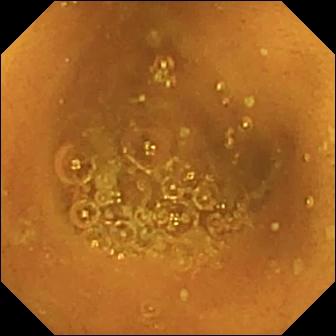VCE frame (small bowel), 336×336. Normal clean mucosa.